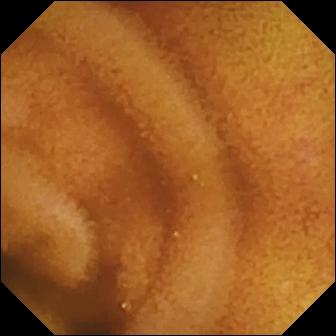modality: video capsule endoscopy | category: luminal finding | impression: normal clean mucosa